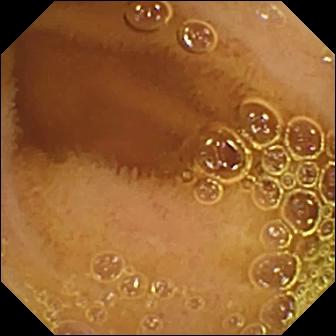Wireless capsule endoscopy snapshot
Label: normal clean mucosa